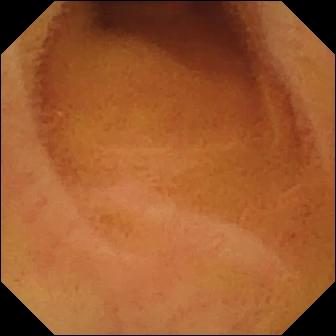Q: What does this VCE snapshot show?
A: Normal clean mucosa.